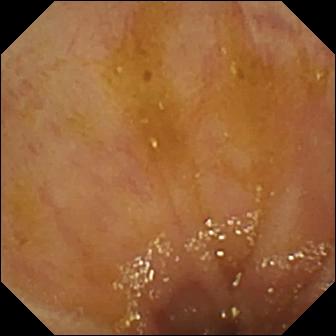- modality: WCE
- category: anatomical landmark
- position: ileo-cecal valve region (the transition from the small bowel to the large bowel)